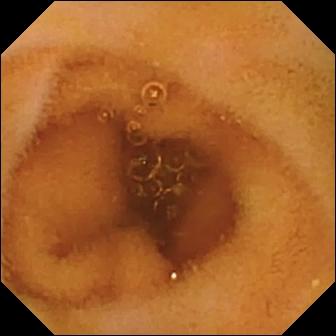modality: video capsule endoscopy; segment: small intestine; category: luminal finding; observation: normal clean mucosa